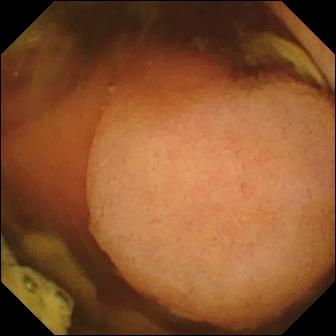{"modality": "capsule endoscopy", "finding": "polyp"}